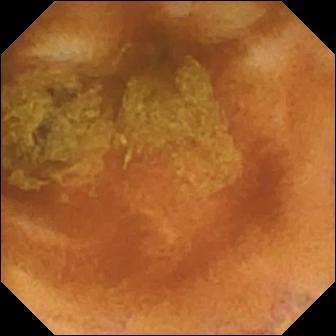Normal clean mucosa — small-bowel capsule endoscopy image.